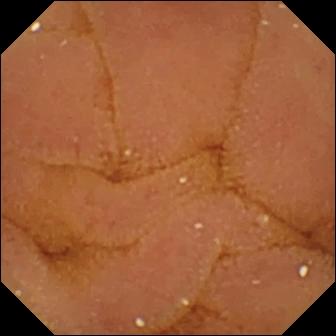- modality: small-bowel capsule endoscopy
- segment: small bowel
- observation: normal clean mucosa